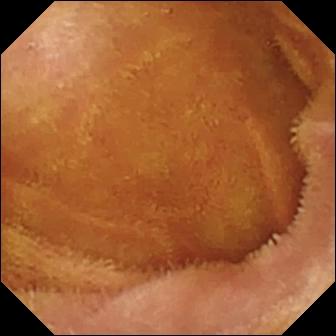Wireless capsule endoscopy. Finding: normal clean mucosa.